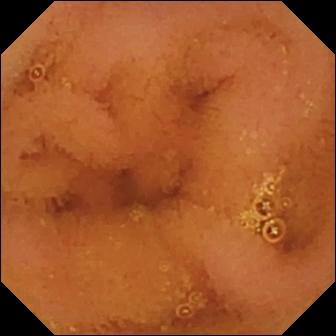This capsule endoscopy still of the small intestine shows normal clean mucosa.